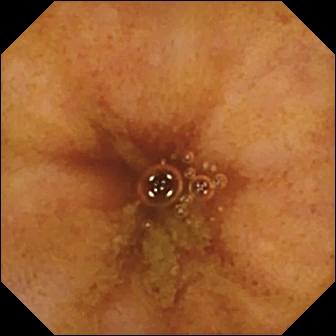Wireless capsule endoscopy — ileo-cecal valve region (the transition from the small bowel to the large bowel).